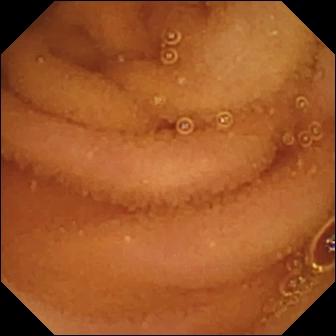WCE view. Normal clean mucosa.